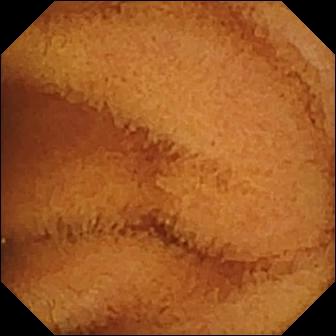- modality: capsule endoscopy
- segment: small bowel
- impression: normal clean mucosa